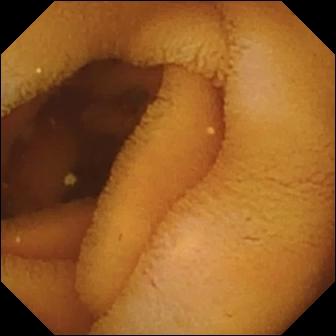modality: video capsule endoscopy | impression: normal clean mucosa